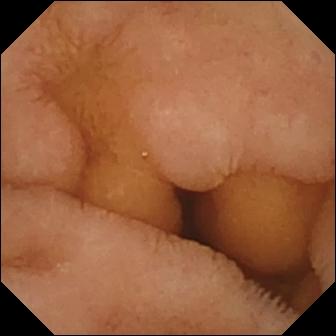PROCEDURE: Small-bowel capsule endoscopy.
SEGMENT: Small intestine.
FINDINGS: Normal clean mucosa.